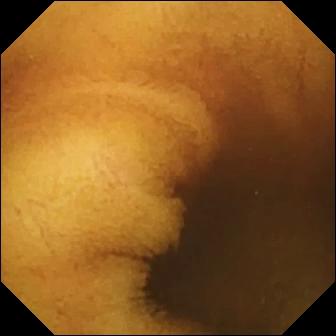PROCEDURE: Video capsule endoscopy.
FINDINGS: Normal clean mucosa.